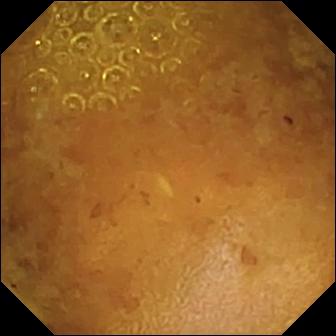Wireless capsule endoscopy view
Finding: reduced mucosal view (content or bubbles obscuring the mucosa)